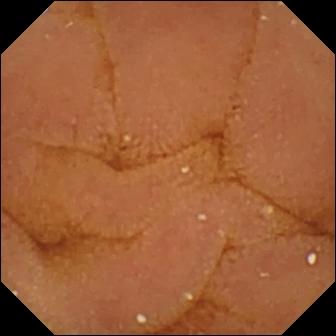Normal clean mucosa — VCE frame of the small bowel.